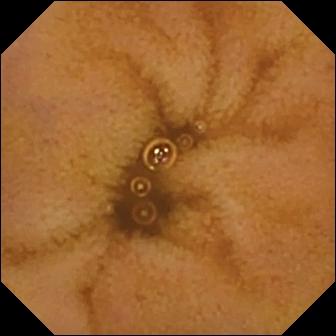- modality: video capsule endoscopy
- segment: small bowel
- label: normal clean mucosa